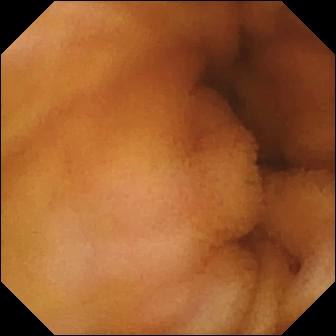Video capsule endoscopy snapshot, small bowel
Finding: normal clean mucosa